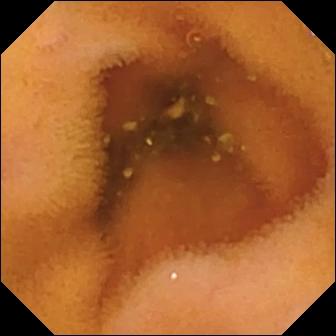Q: What does this VCE snapshot show?
A: Normal clean mucosa.